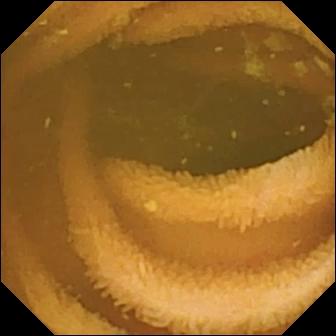- modality: small-bowel capsule endoscopy
- category: luminal finding
- label: normal clean mucosa